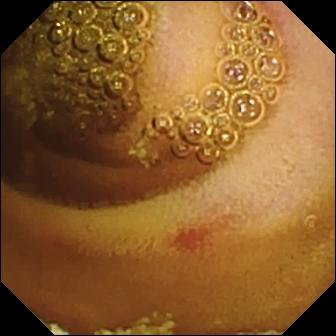WCE image, 336×336. Erosion.